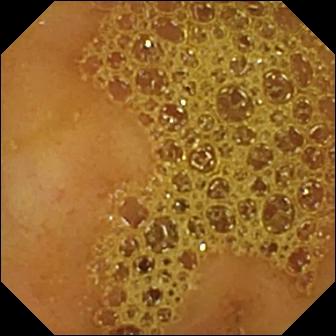PROCEDURE: Capsule endoscopy.
LOCATION: Ileo-cecal valve region (the transition from the small bowel to the large bowel).